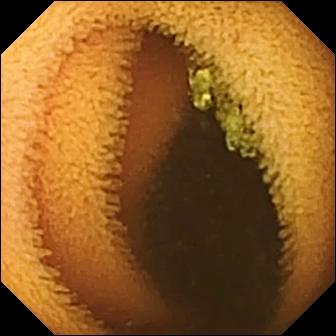modality: VCE | segment: small intestine | category: luminal finding | finding: normal clean mucosa